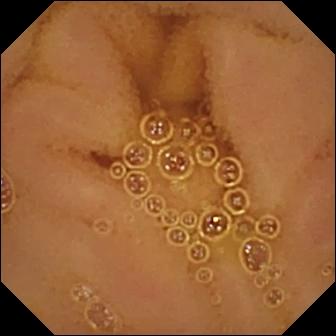Wireless capsule endoscopy view of the small intestine showing normal clean mucosa.